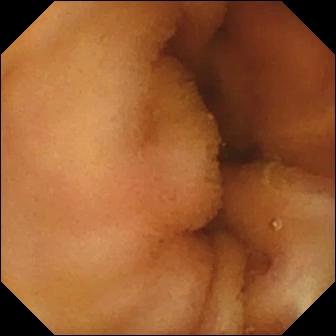modality: VCE; impression: normal clean mucosa